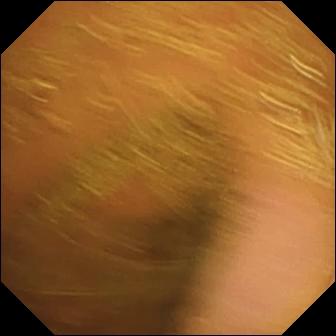PROCEDURE: Small-bowel capsule endoscopy.
SEGMENT: Small intestine.
FINDINGS: Normal clean mucosa.